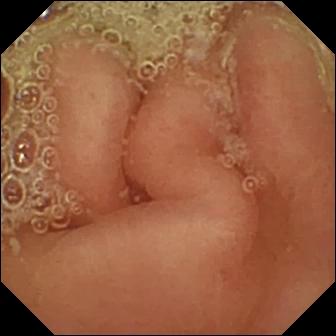Capsule endoscopy snapshot taken in the pylorus region (the junction between the stomach and the small bowel).